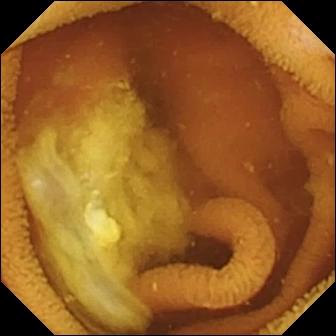- modality: VCE
- segment: small bowel
- category: luminal finding
- observation: normal clean mucosa